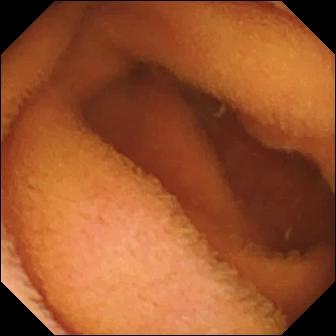- modality: capsule endoscopy
- segment: small intestine
- category: luminal finding
- label: normal clean mucosa